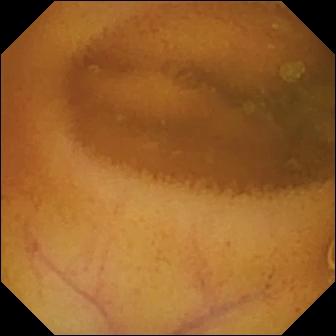Normal clean mucosa.